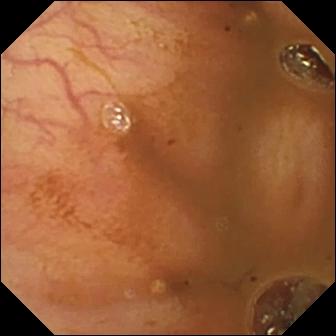Capsule endoscopy. Position: ileo-cecal valve region (where the capsule passes from the small bowel into the large bowel).